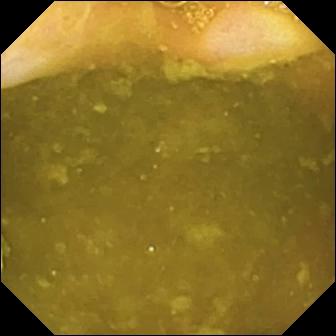This wireless capsule endoscopy image was taken in the ileo-cecal valve region.